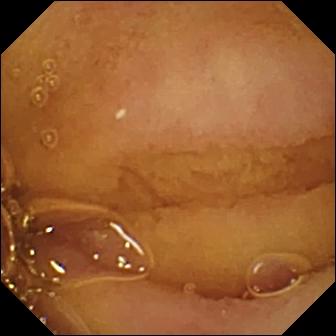Wireless capsule endoscopy image showing normal clean mucosa.